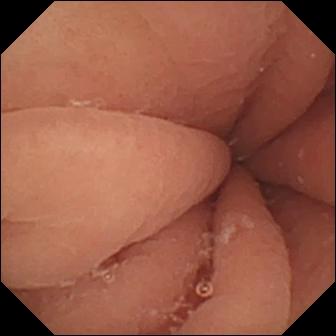modality: video capsule endoscopy; position: pylorus region (where the capsule passes from the stomach into the small bowel)